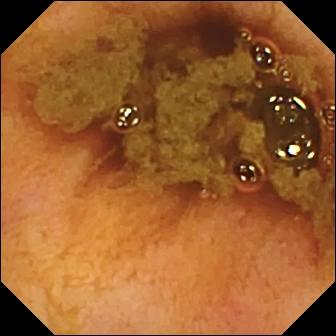{"modality": "video capsule endoscopy", "label": "ileo-cecal valve region (where the capsule passes from the small bowel into the large bowel)"}